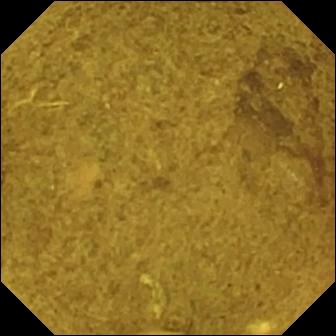- modality: wireless capsule endoscopy
- video segment: ileo-cecal valve region (the transition from the small bowel to the large bowel)